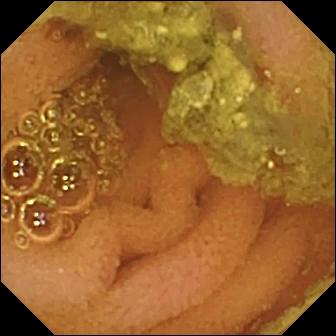PROCEDURE: WCE.
SEGMENT: Small intestine.
FINDINGS: Normal clean mucosa.